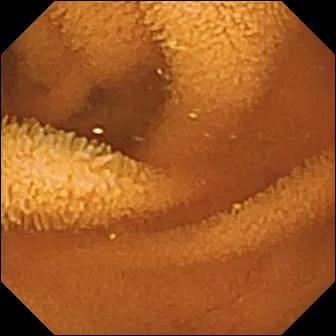Capsule endoscopy image of the small intestine showing normal clean mucosa.